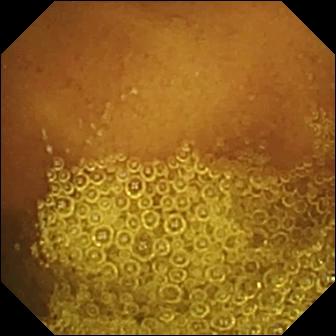WCE — normal clean mucosa.